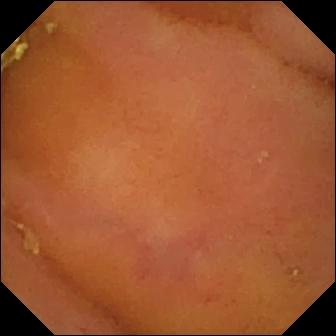VCE image
Observation: normal clean mucosa